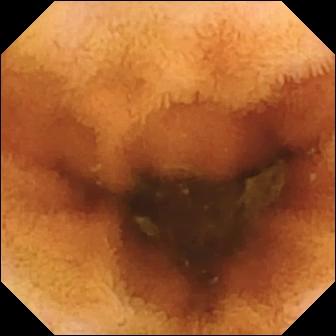This video capsule endoscopy image shows normal clean mucosa.